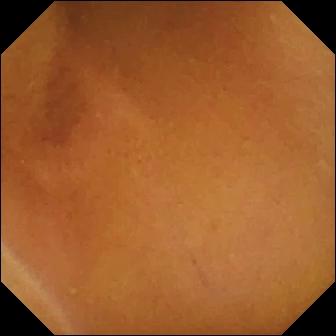Q: What does this VCE view show?
A: Normal clean mucosa.